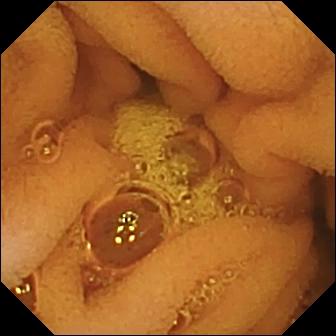WCE frame (small bowel), 336×336. Normal clean mucosa.